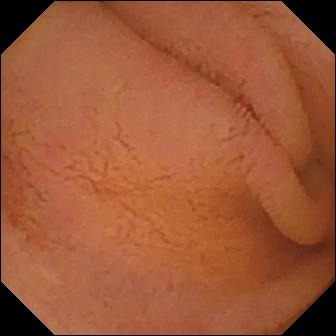Q: What does this WCE frame show?
A: Normal clean mucosa.